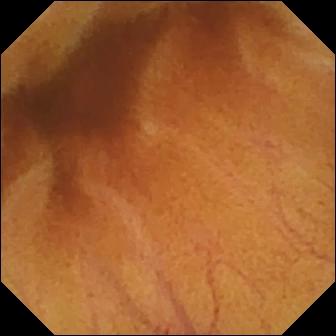Capsule endoscopy view. Normal clean mucosa.